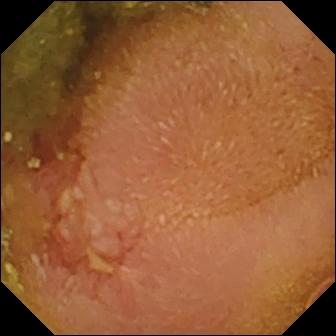Erosion (336×336).